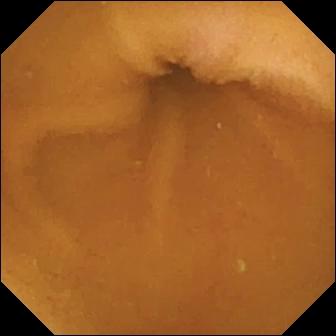Capsule endoscopy image, small intestine
Impression: normal clean mucosa